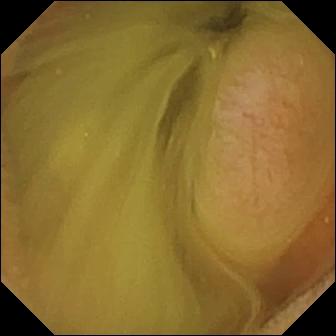Wireless capsule endoscopy — normal clean mucosa.